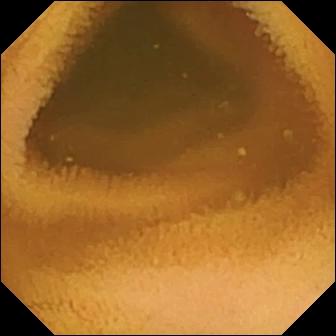Normal clean mucosa — WCE view of the small bowel.